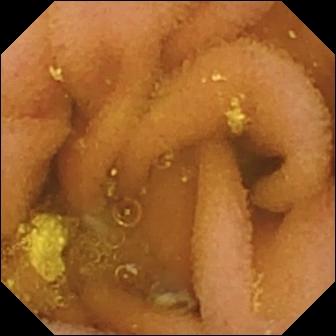{"modality": "small-bowel capsule endoscopy", "finding": "lymphangiectasia"}